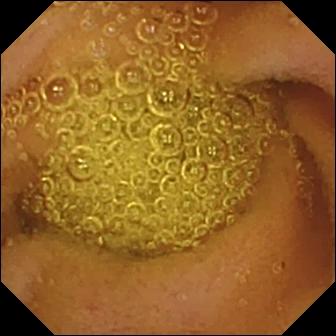Q: What does this video capsule endoscopy image show?
A: Normal clean mucosa.